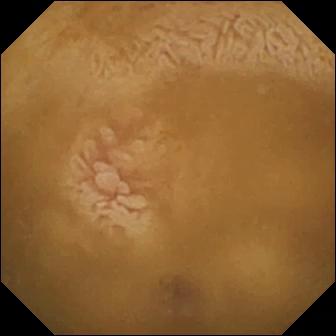Ileo-cecal valve region (where the capsule passes from the small bowel into the large bowel) — capsule endoscopy frame.